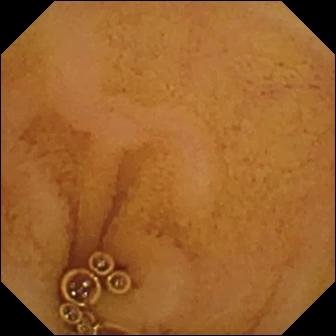{"modality": "video capsule endoscopy", "finding": "normal clean mucosa"}